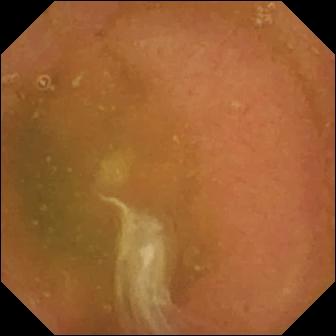This WCE snapshot shows normal clean mucosa.